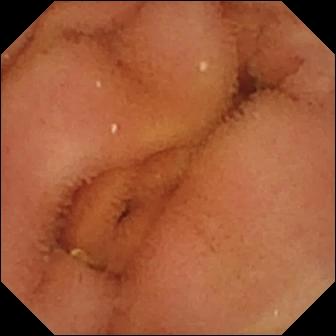Normal clean mucosa.